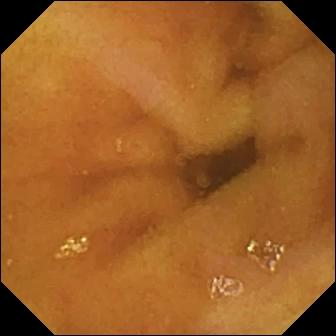Normal clean mucosa.